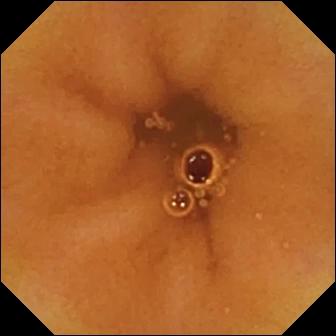Capsule endoscopy snapshot of the small intestine showing normal clean mucosa.